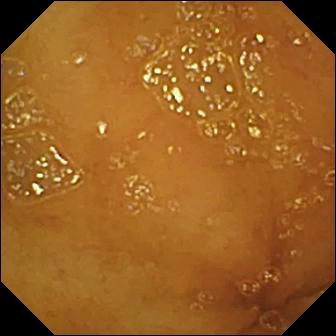- modality: wireless capsule endoscopy
- impression: normal clean mucosa